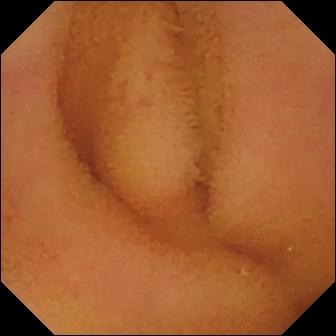Wireless capsule endoscopy snapshot. Normal clean mucosa.